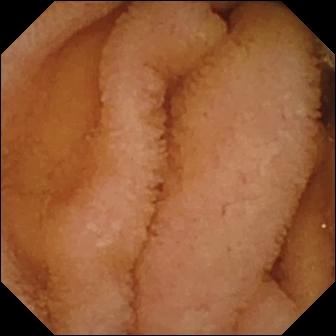Normal clean mucosa — video capsule endoscopy still.